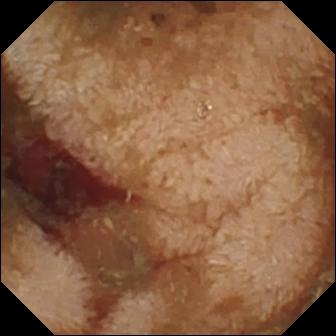modality: capsule endoscopy
category: luminal finding
label: fresh blood in the lumen